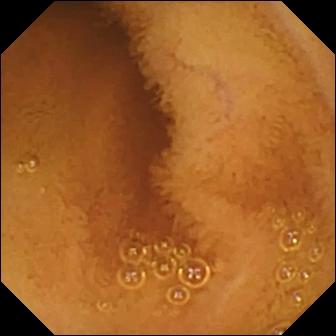PROCEDURE: Wireless capsule endoscopy.
SEGMENT: Small intestine.
FINDINGS: Normal clean mucosa.